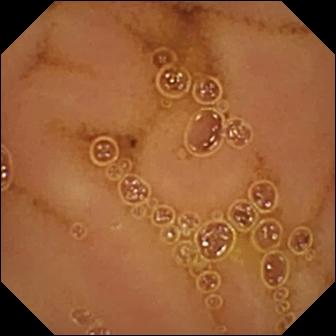{"modality": "VCE", "finding": "normal clean mucosa"}